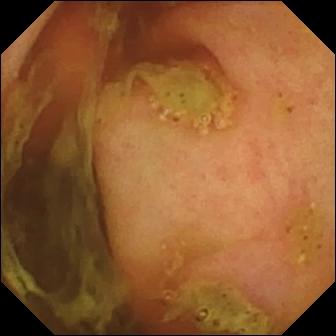Capsule endoscopy. Video segment: ileo-cecal valve region (the transition from the small bowel to the large bowel).